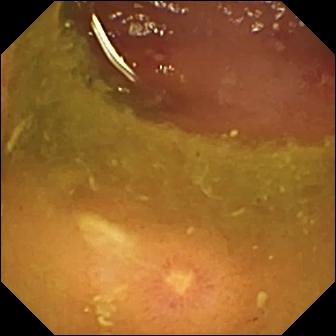VCE still showing ulcer.